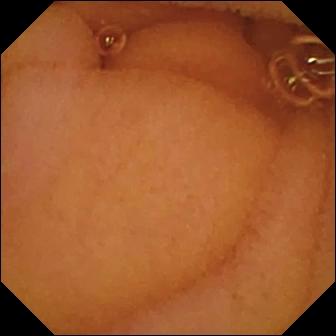Normal clean mucosa.